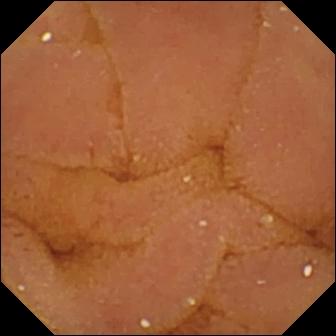Video capsule endoscopy. Impression: normal clean mucosa.